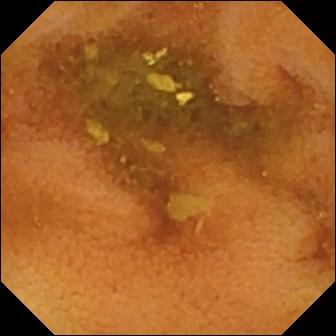Video capsule endoscopy view, small intestine
Observation: normal clean mucosa